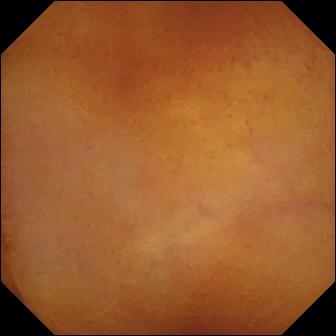Small-bowel capsule endoscopy still (small intestine). Normal clean mucosa.